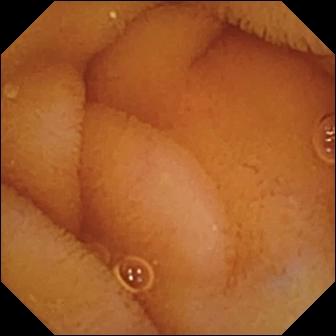WCE view (small bowel), 336×336. Normal clean mucosa.